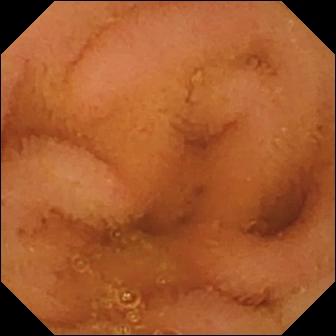VCE view. Normal clean mucosa.